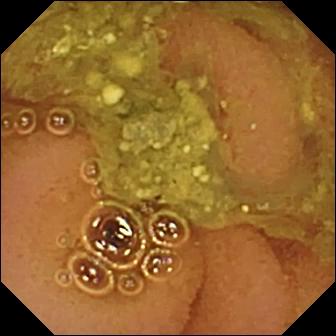Q: What does this WCE snapshot show?
A: Normal clean mucosa.